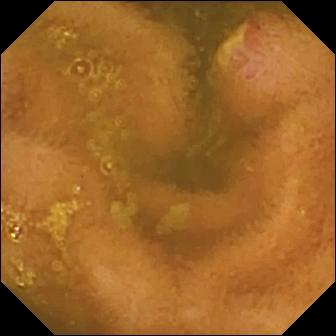Ulcer.